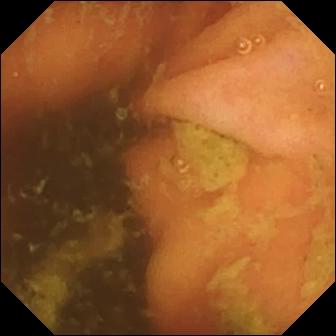Ileo-cecal valve region — capsule endoscopy frame.